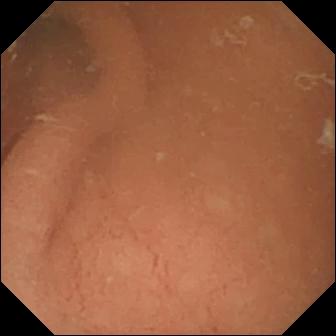Wireless capsule endoscopy frame, small bowel
Impression: normal clean mucosa